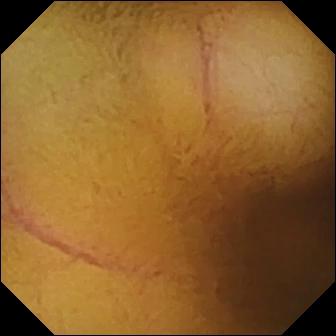VCE. Small bowel. Finding: normal clean mucosa.